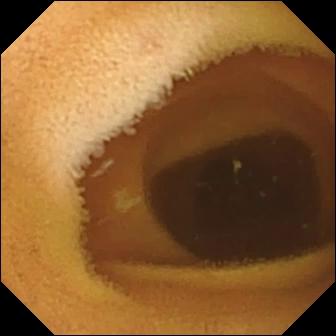VCE view. Normal clean mucosa.